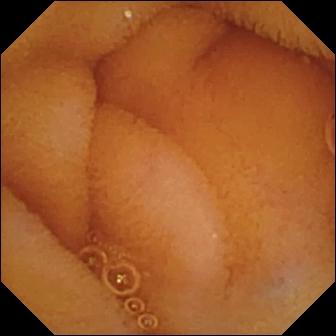WCE frame. Normal clean mucosa.